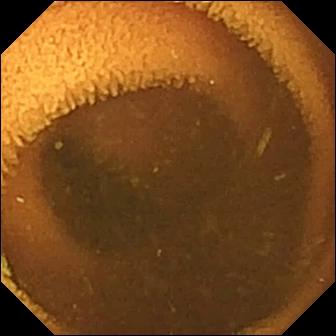WCE snapshot of the small intestine showing normal clean mucosa.